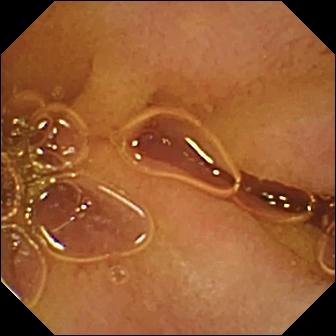PROCEDURE: Capsule endoscopy.
SEGMENT: Small bowel.
FINDINGS: Normal clean mucosa.